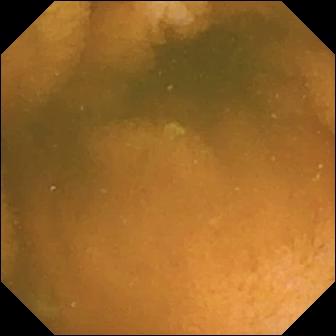WCE view showing normal clean mucosa.